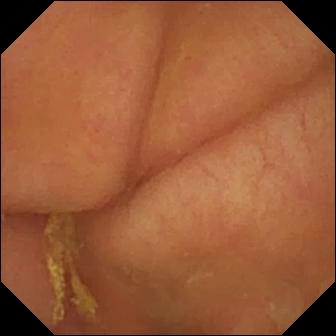Pylorus region, 336×336.